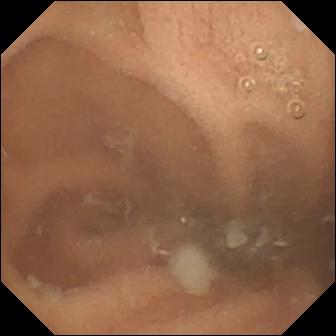Wireless capsule endoscopy — normal clean mucosa.